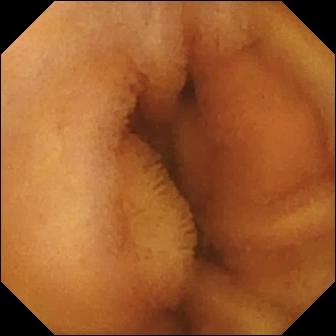Q: What does this WCE view show?
A: Normal clean mucosa.